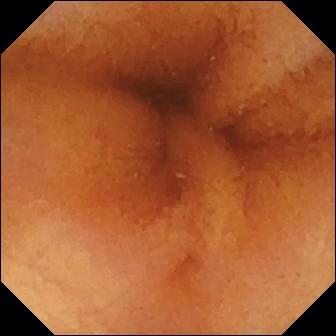- modality: VCE
- segment: small intestine
- observation: normal clean mucosa